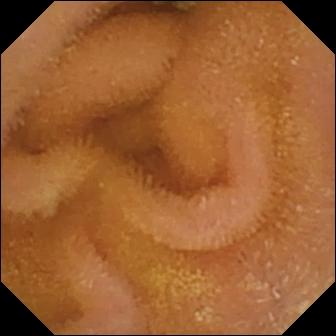PROCEDURE: Wireless capsule endoscopy.
FINDINGS: Normal clean mucosa.